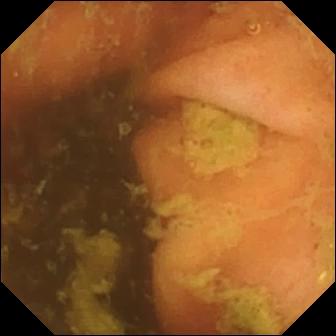Ileo-cecal valve region — capsule endoscopy snapshot.